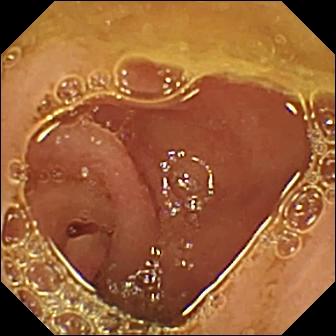Capsule endoscopy still. Normal clean mucosa.